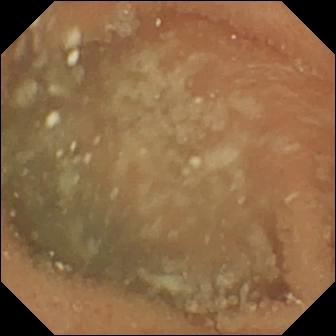Wireless capsule endoscopy. Small bowel. Impression: normal clean mucosa.